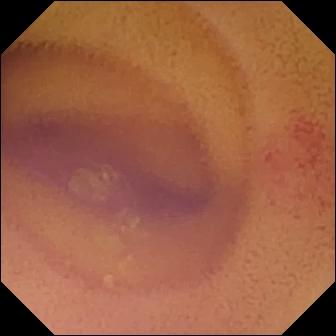Wireless capsule endoscopy — angiectasia.